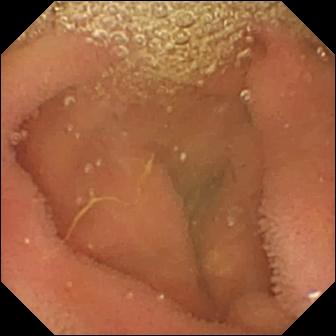PROCEDURE: Wireless capsule endoscopy.
FINDINGS: Lymphangiectasia.